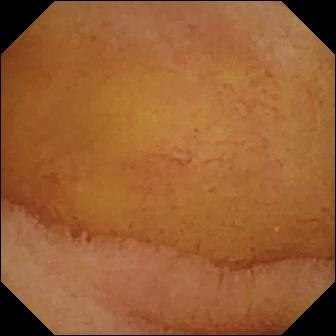Wireless capsule endoscopy image, small bowel
Finding: normal clean mucosa